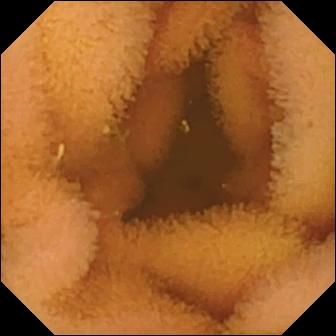Q: What does this WCE snapshot show?
A: Normal clean mucosa.